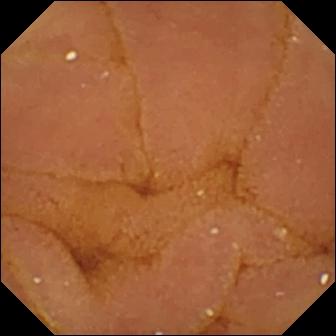Video capsule endoscopy snapshot of the small bowel showing normal clean mucosa.